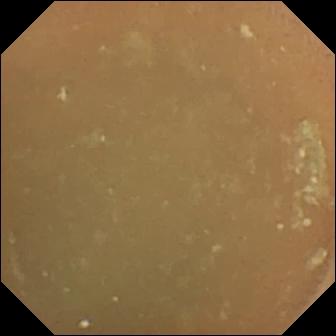Capsule endoscopy still (small bowel). Normal clean mucosa.